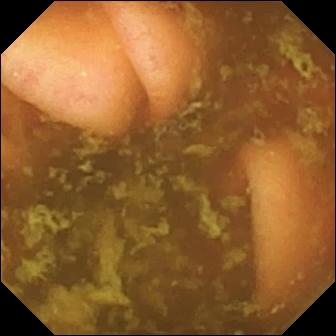WCE. Location: ileo-cecal valve region (the transition from the small bowel to the large bowel).